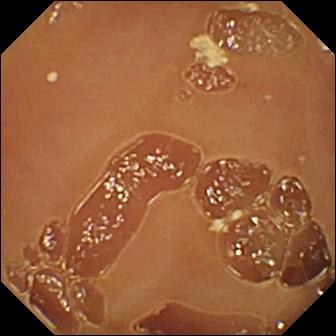Normal clean mucosa.